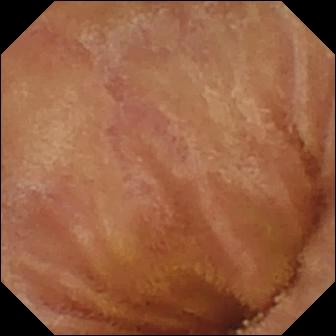VCE snapshot of the small intestine showing normal clean mucosa.